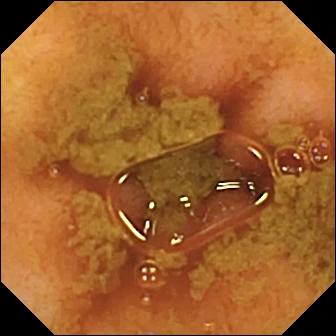Small-bowel capsule endoscopy. Position: ileo-cecal valve region (the transition from the small bowel to the large bowel).